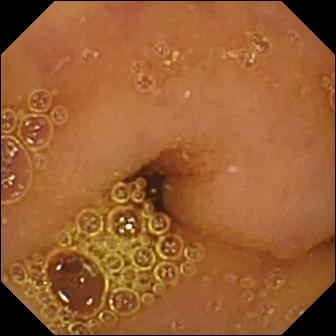PROCEDURE: WCE.
SEGMENT: Small intestine.
FINDINGS: Normal clean mucosa.